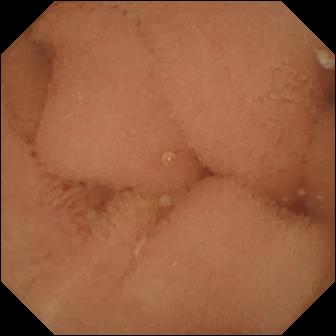PROCEDURE: Video capsule endoscopy.
FINDINGS: Normal clean mucosa.